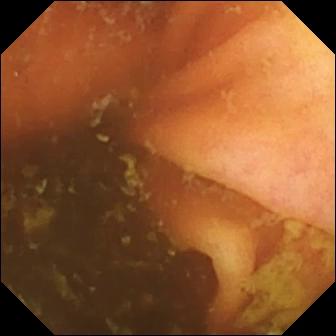This WCE still was taken in the ileo-cecal valve region (where the capsule passes from the small bowel into the large bowel).